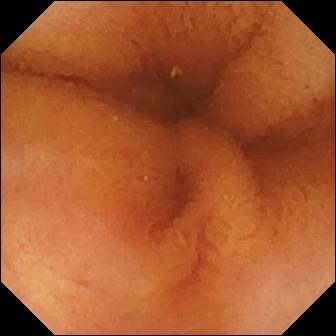PROCEDURE: Capsule endoscopy.
FINDINGS: Normal clean mucosa.